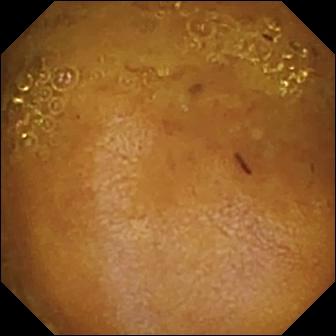Q: What does this WCE view of the small bowel show?
A: Reduced mucosal view (content or bubbles obscuring the mucosa).